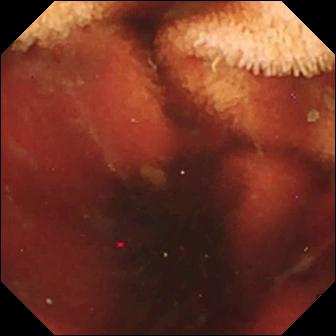PROCEDURE: Capsule endoscopy.
FINDINGS: Fresh blood in the lumen.